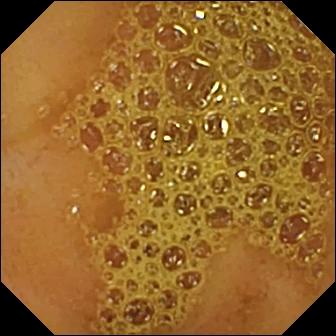Q: Where in the digestive tract was this WCE still taken?
A: Ileo-cecal valve region (where the capsule passes from the small bowel into the large bowel).